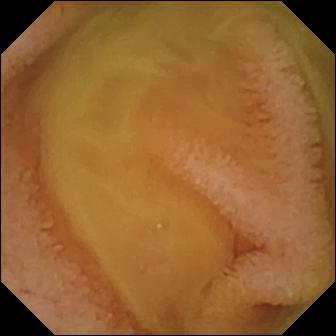Normal clean mucosa — VCE view.